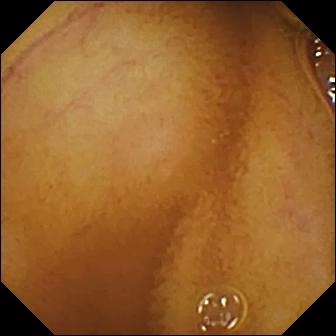{"modality": "VCE", "category": "luminal finding", "finding": "normal clean mucosa"}